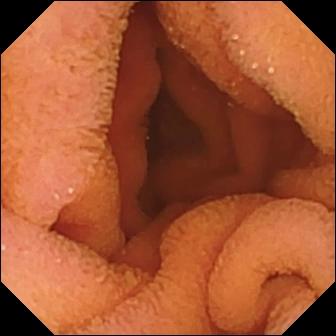Normal clean mucosa — small-bowel capsule endoscopy view of the small intestine.